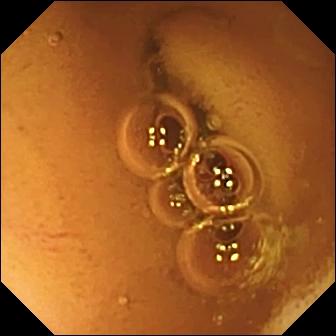Normal clean mucosa (336×336).